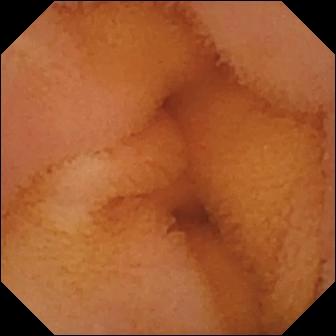PROCEDURE: WCE.
SEGMENT: Small bowel.
FINDINGS: Normal clean mucosa.